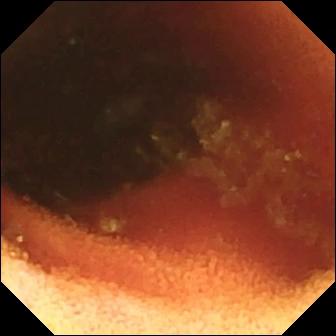Video capsule endoscopy still. Taken in the ileo-cecal valve region (the transition from the small bowel to the large bowel).